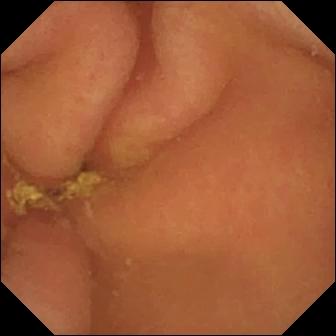Pylorus region — video capsule endoscopy view.